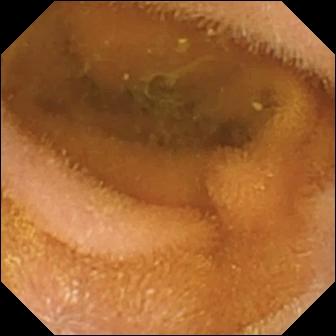Normal clean mucosa — wireless capsule endoscopy view.